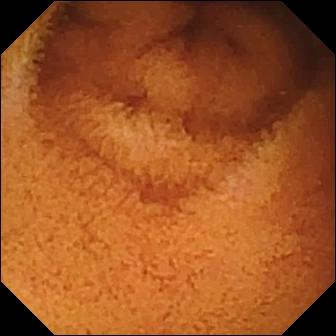Normal clean mucosa — WCE image of the small bowel.